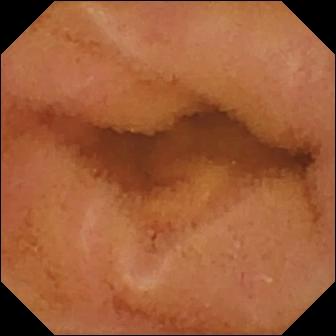Normal clean mucosa — WCE image of the small bowel.